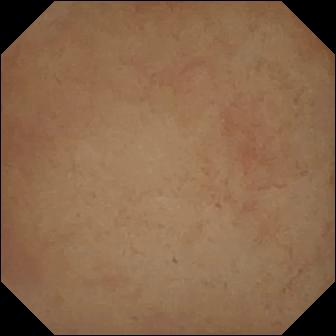Q: Where in the digestive tract was this WCE image taken?
A: Pylorus region.